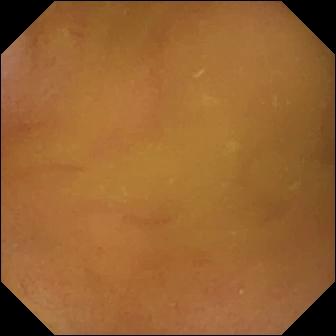Q: What does this VCE image show?
A: Normal clean mucosa.